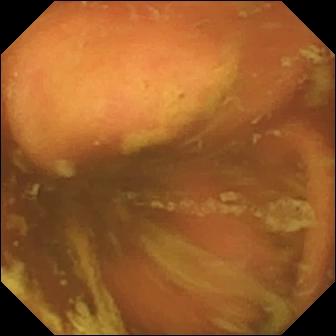Video capsule endoscopy view. Taken in the ileo-cecal valve region.